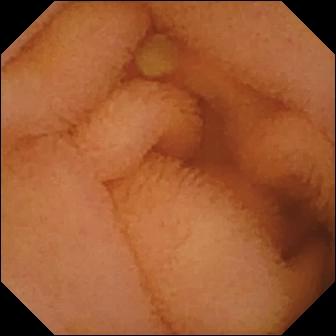Normal clean mucosa — WCE snapshot of the small intestine.